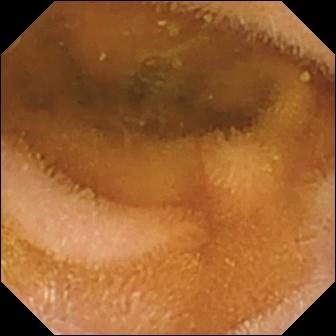Normal clean mucosa.